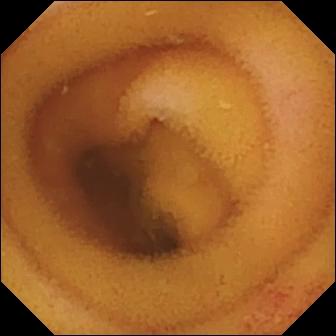Video capsule endoscopy — angiectasia.